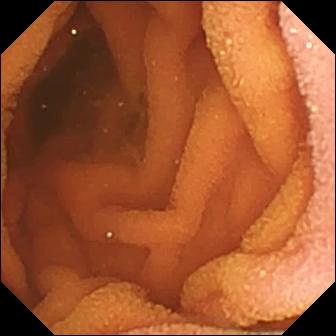WCE frame of the small intestine showing normal clean mucosa.